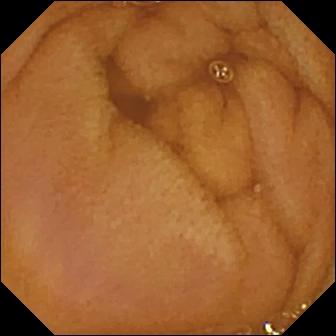Capsule endoscopy snapshot, small bowel
Observation: normal clean mucosa